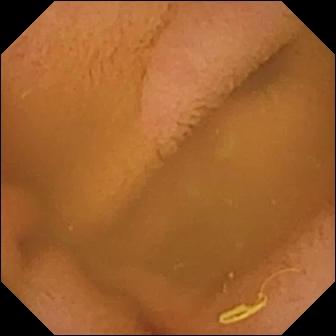Q: What does this VCE frame of the small bowel show?
A: Normal clean mucosa.